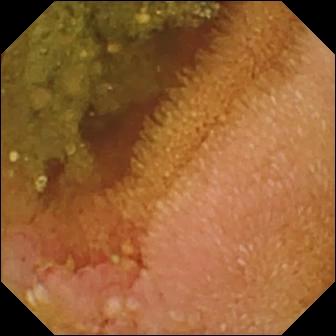Wireless capsule endoscopy view. Erosion.